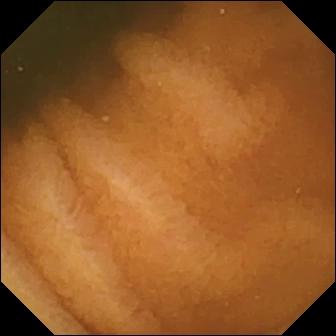Normal clean mucosa.